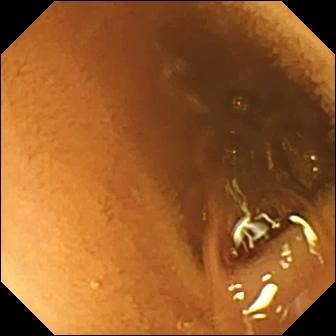Normal clean mucosa — WCE frame of the small intestine.